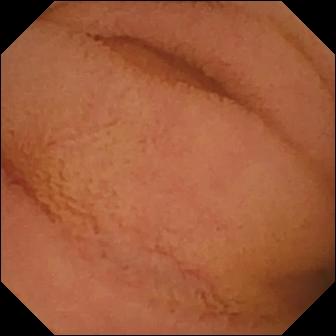Capsule endoscopy view showing normal clean mucosa.